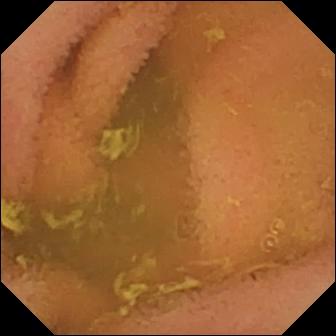Video capsule endoscopy frame
Finding: normal clean mucosa